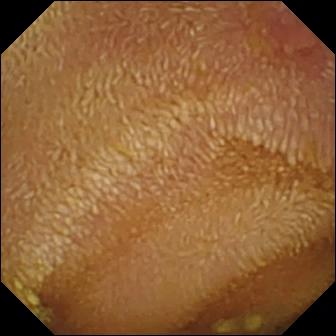This capsule endoscopy snapshot shows erosion.